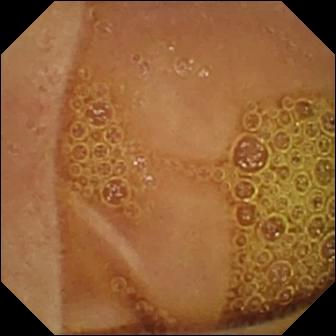Normal clean mucosa.